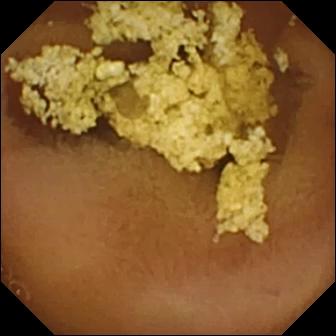WCE frame (small intestine). Normal clean mucosa.